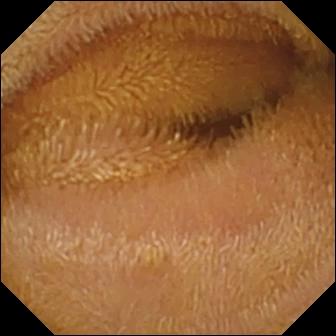Wireless capsule endoscopy still, small intestine
Finding: normal clean mucosa